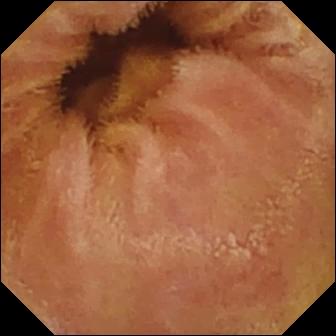Wireless capsule endoscopy — normal clean mucosa.